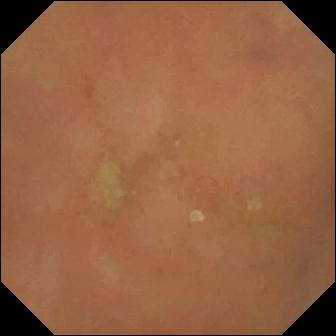Q: What does this video capsule endoscopy snapshot show?
A: Normal clean mucosa.